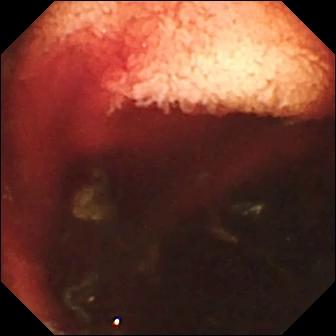Small-bowel capsule endoscopy — fresh blood in the lumen.